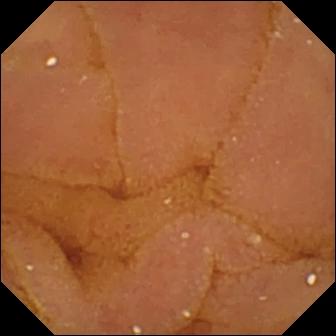Wireless capsule endoscopy — normal clean mucosa.